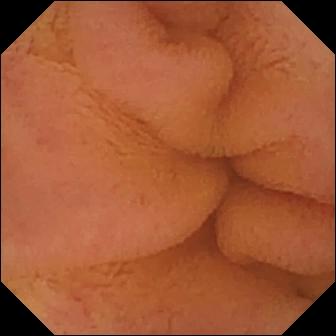This wireless capsule endoscopy frame shows normal clean mucosa.